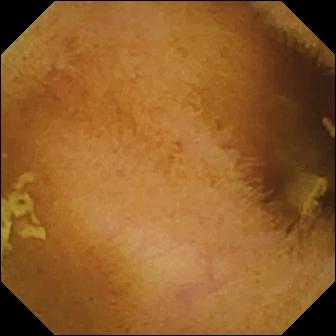modality: VCE; impression: normal clean mucosa